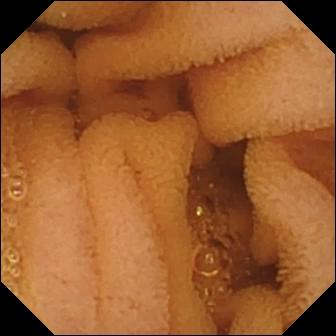VCE snapshot of the small intestine showing normal clean mucosa.